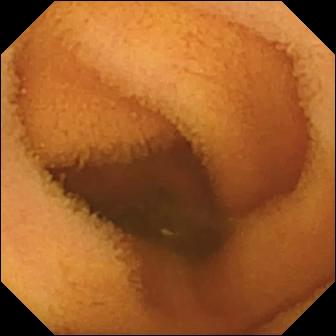Small-bowel capsule endoscopy view of the small bowel showing normal clean mucosa.